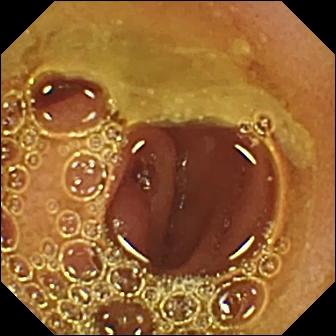Small-bowel capsule endoscopy — normal clean mucosa.